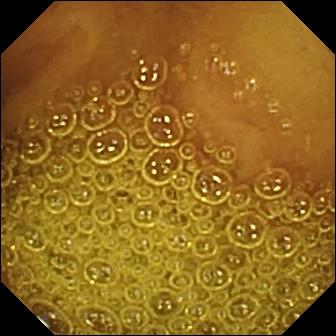PROCEDURE: VCE.
FINDINGS: Normal clean mucosa.